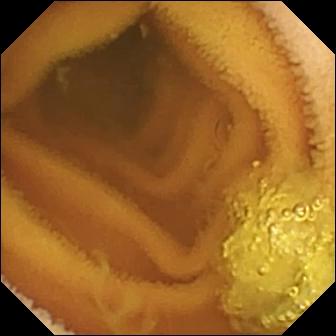WCE image of the small bowel showing normal clean mucosa.